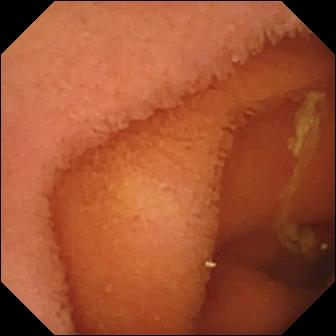- modality: VCE
- label: normal clean mucosa